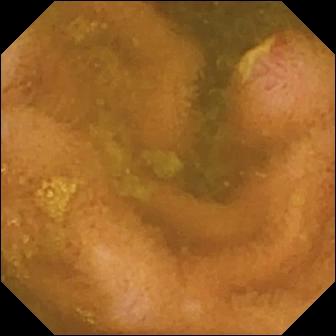modality: video capsule endoscopy | category: luminal finding | finding: ulcer